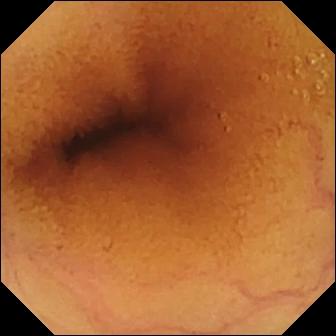Q: What does this video capsule endoscopy view show?
A: Normal clean mucosa.